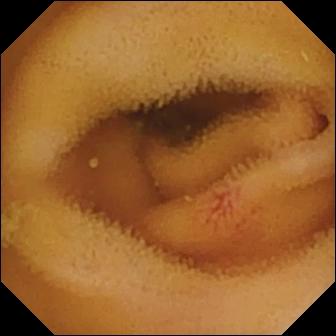Capsule endoscopy — angiectasia.